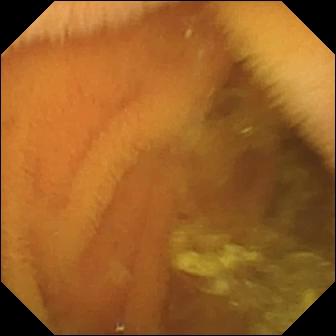PROCEDURE: Small-bowel capsule endoscopy.
SEGMENT: Small bowel.
FINDINGS: Normal clean mucosa.